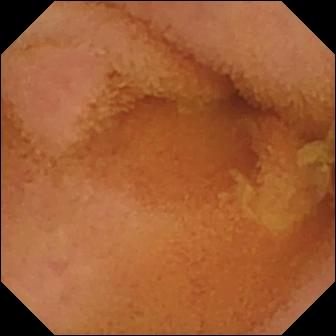Normal clean mucosa — video capsule endoscopy still of the small bowel.